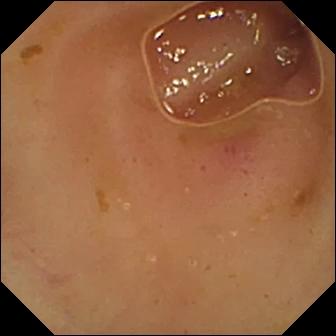Erythema (mucosal redness) — capsule endoscopy still.